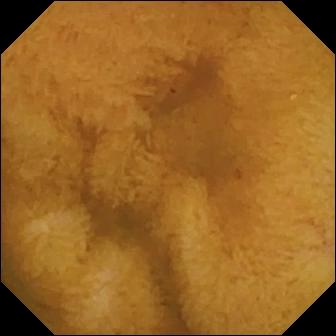Capsule endoscopy. Small bowel. Label: normal clean mucosa.